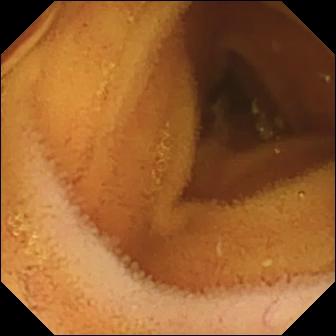PROCEDURE: Wireless capsule endoscopy.
FINDINGS: Normal clean mucosa.